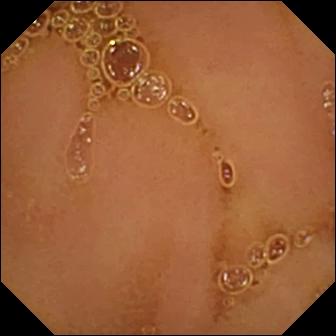Wireless capsule endoscopy. Luminal finding. Observation: normal clean mucosa.